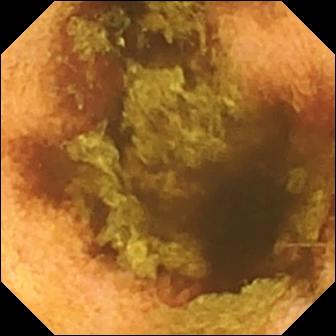- modality: VCE
- category: luminal finding
- label: normal clean mucosa